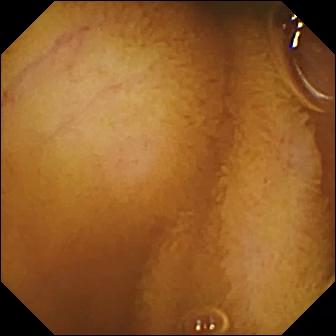Video capsule endoscopy. Small bowel. Luminal finding. Impression: normal clean mucosa.